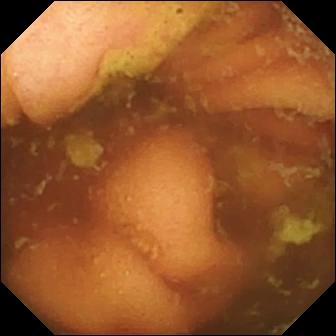This video capsule endoscopy frame was taken in the ileo-cecal valve region (the transition from the small bowel to the large bowel).